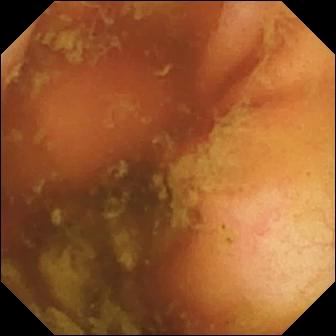This capsule endoscopy snapshot was taken in the ileo-cecal valve region.